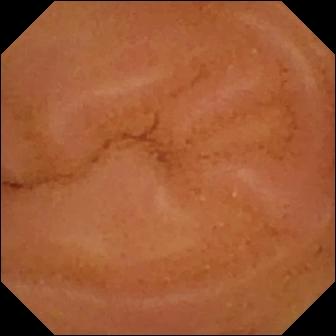Normal clean mucosa (336×336).